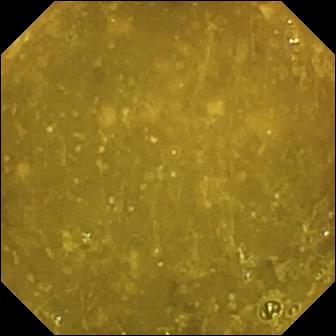modality: video capsule endoscopy; video segment: ileo-cecal valve region